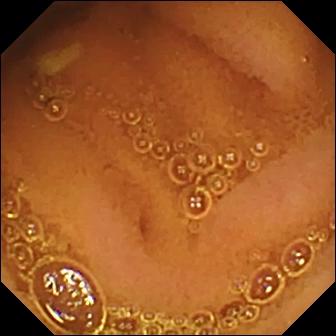- modality: wireless capsule endoscopy
- category: luminal finding
- finding: normal clean mucosa